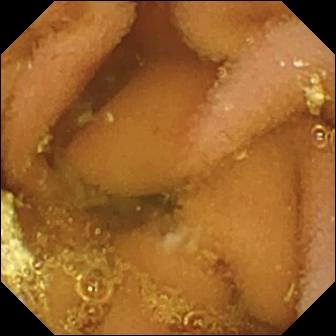Lymphangiectasia (336×336).